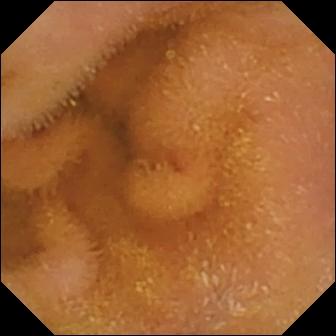VCE image
Label: normal clean mucosa